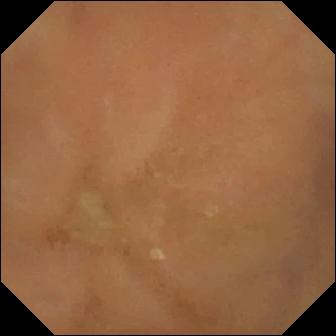Wireless capsule endoscopy — normal clean mucosa.